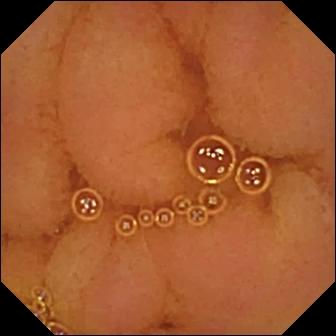{"modality": "video capsule endoscopy", "segment": "small intestine", "finding": "normal clean mucosa"}